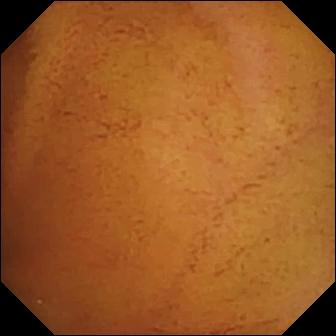This VCE image of the small intestine shows normal clean mucosa.